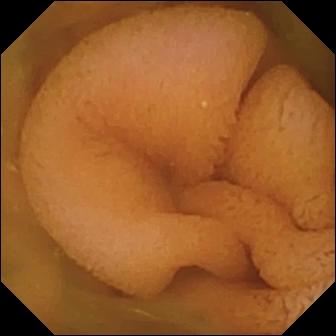Capsule endoscopy snapshot showing normal clean mucosa.